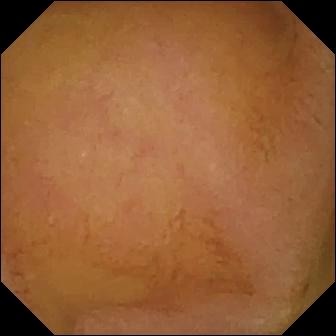Normal clean mucosa (336×336).